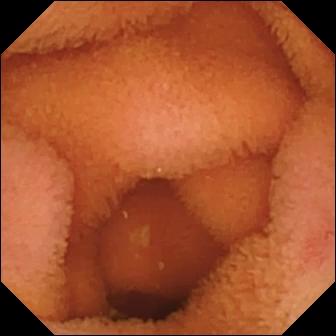Normal clean mucosa — wireless capsule endoscopy frame of the small intestine.